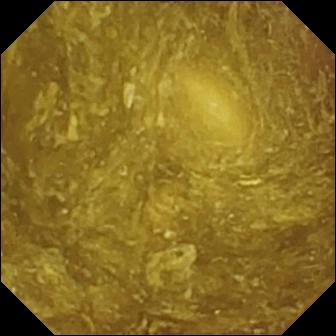modality: VCE
segment: small intestine
category: luminal finding
impression: reduced mucosal view (content or bubbles obscuring the mucosa)